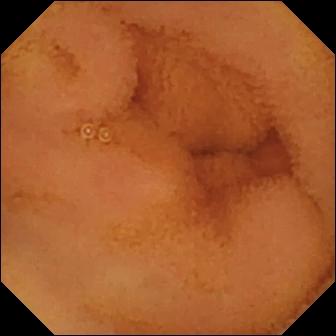WCE snapshot, 336×336. Normal clean mucosa.